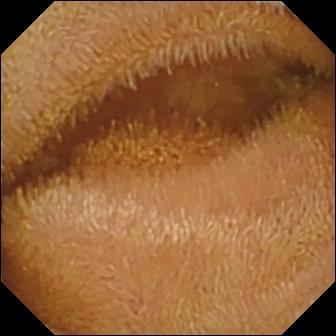Normal clean mucosa.